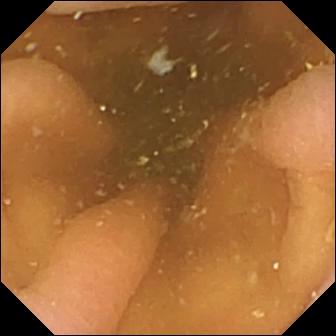Q: Where in the digestive tract was this video capsule endoscopy snapshot taken?
A: Pylorus region (where the capsule passes from the stomach into the small bowel).